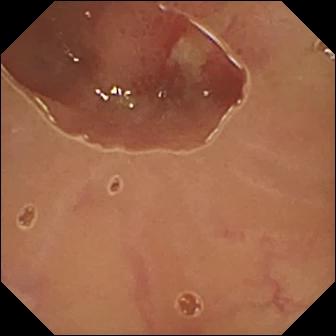This wireless capsule endoscopy still shows ulcer.